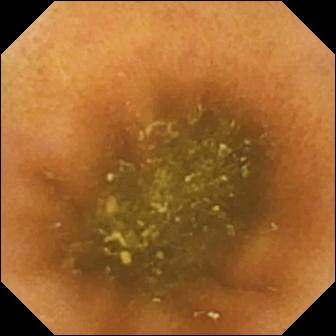Ileo-cecal valve region (the transition from the small bowel to the large bowel).